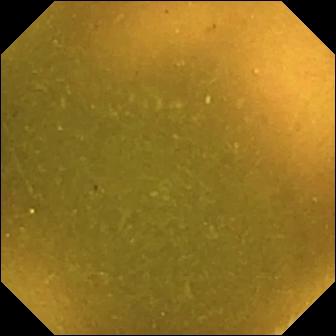VCE. Label: ileo-cecal valve region (where the capsule passes from the small bowel into the large bowel).